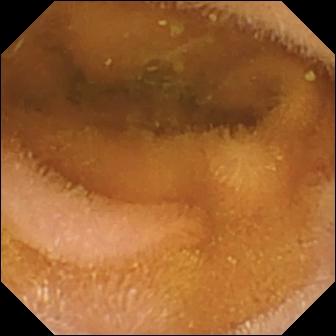This VCE image shows normal clean mucosa.